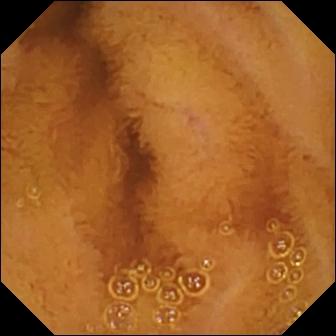Small-bowel capsule endoscopy view, small intestine
Observation: normal clean mucosa